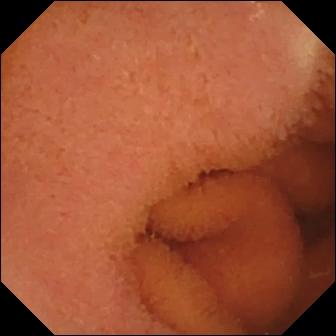VCE. Small bowel. Luminal finding. Label: normal clean mucosa.